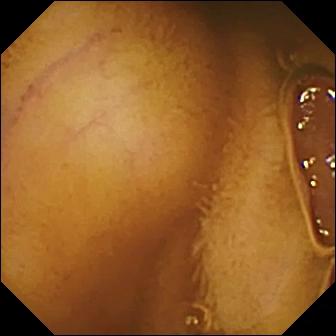This WCE image shows normal clean mucosa.